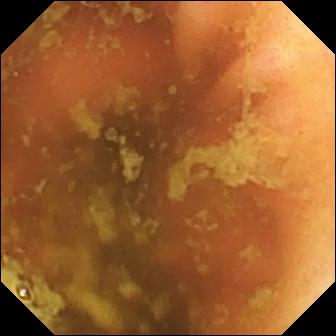modality: wireless capsule endoscopy; location: ileo-cecal valve region (where the capsule passes from the small bowel into the large bowel)